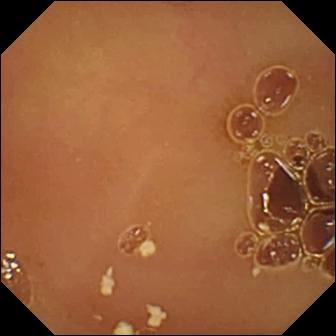Normal clean mucosa.